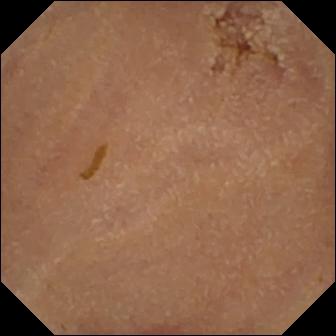Capsule endoscopy frame (small bowel). Normal clean mucosa.